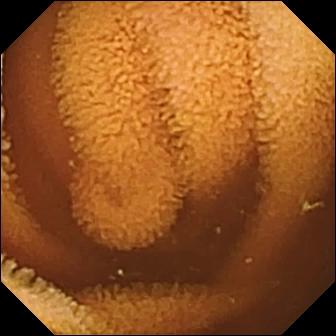WCE — normal clean mucosa.